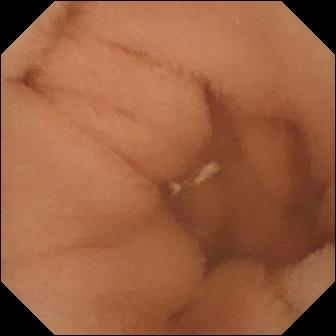Normal clean mucosa.